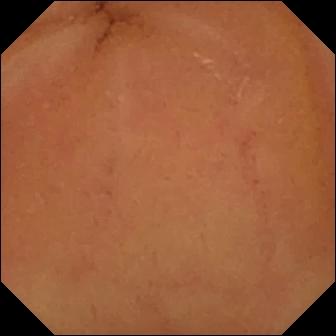- modality: video capsule endoscopy
- impression: normal clean mucosa